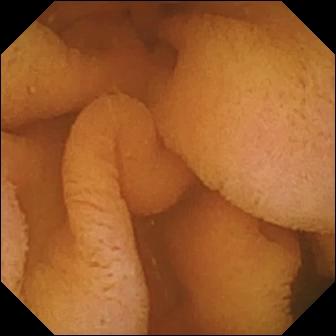{"modality": "capsule endoscopy", "segment": "small bowel", "category": "luminal finding", "finding": "normal clean mucosa"}